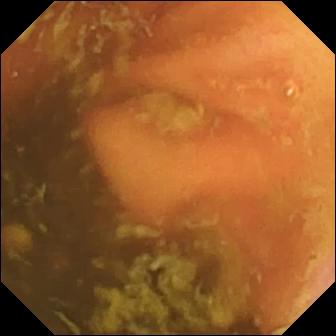- modality: small-bowel capsule endoscopy
- category: anatomical landmark
- location: ileo-cecal valve region (where the capsule passes from the small bowel into the large bowel)